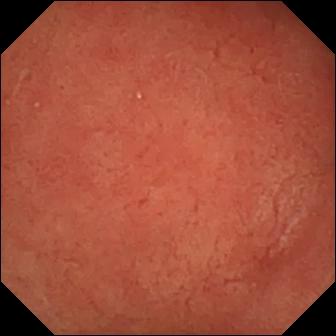Small-bowel capsule endoscopy. Position: pylorus region (where the capsule passes from the stomach into the small bowel).